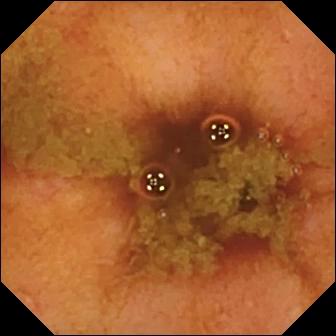WCE. Location: ileo-cecal valve region (the transition from the small bowel to the large bowel).